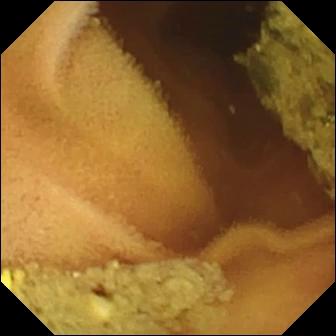Capsule endoscopy snapshot showing normal clean mucosa.